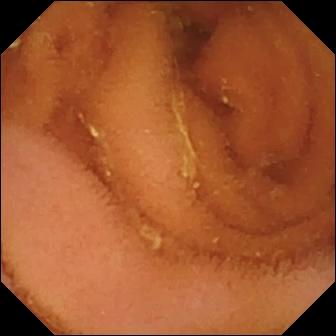Capsule endoscopy frame showing normal clean mucosa.